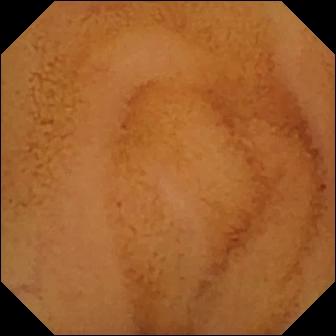Q: What does this capsule endoscopy frame show?
A: Normal clean mucosa.